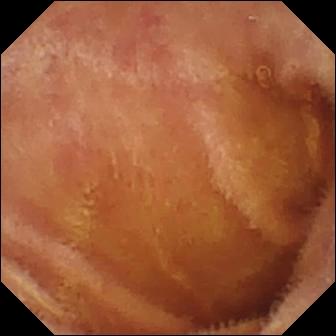Q: What does this small-bowel capsule endoscopy view of the small intestine show?
A: Normal clean mucosa.